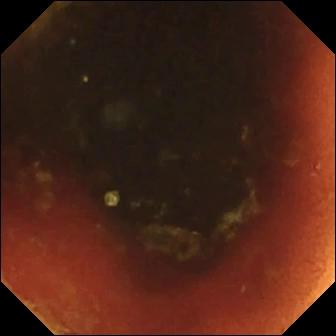VCE view. Taken in the ileo-cecal valve region.